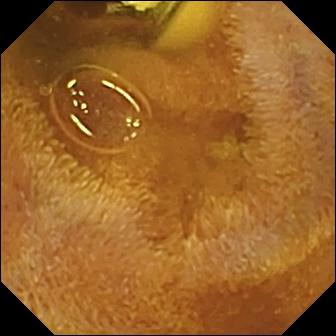{"modality": "video capsule endoscopy", "finding": "foreign body (e.g. retained capsule, tablet residue)"}